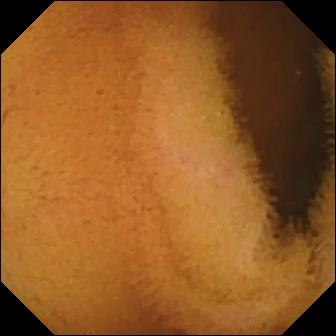PROCEDURE: Wireless capsule endoscopy.
FINDINGS: Normal clean mucosa.